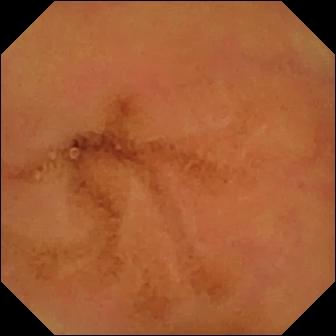Capsule endoscopy image showing normal clean mucosa.